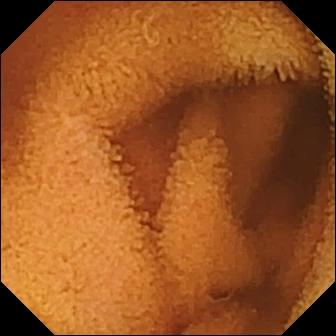Video capsule endoscopy. Label: normal clean mucosa.